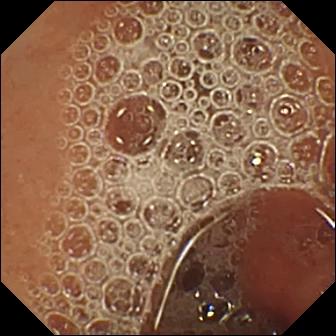WCE frame
Label: normal clean mucosa